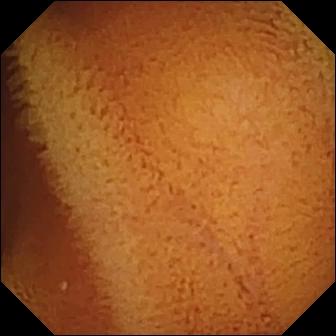Capsule endoscopy view (small intestine). Normal clean mucosa.